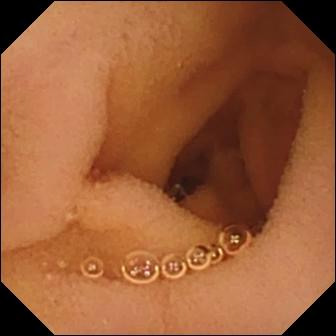- modality: small-bowel capsule endoscopy
- segment: small bowel
- impression: normal clean mucosa